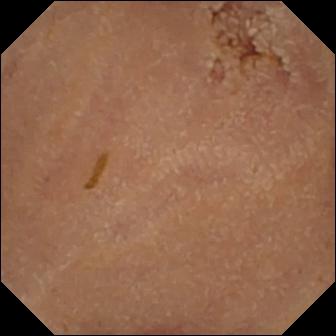WCE — normal clean mucosa.